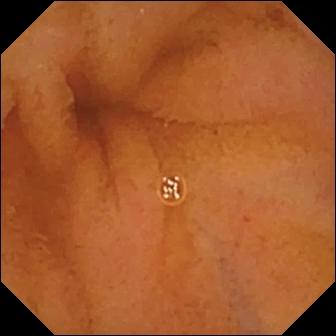Small-bowel capsule endoscopy. Small intestine. Luminal finding. Label: normal clean mucosa.